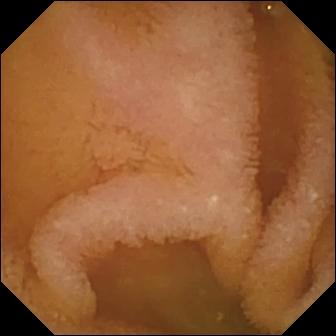Wireless capsule endoscopy still (small bowel). Normal clean mucosa.